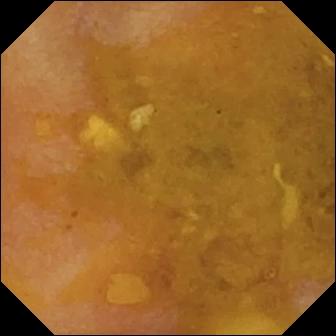WCE snapshot, small intestine
Label: reduced mucosal view (content or bubbles obscuring the mucosa)